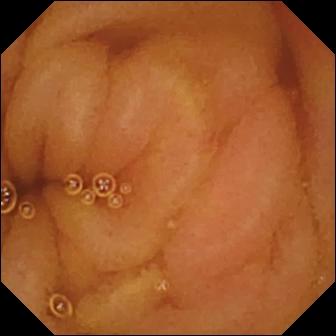Normal clean mucosa — video capsule endoscopy still.